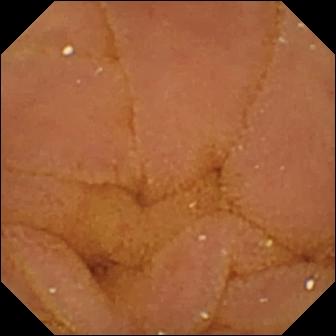Q: What does this wireless capsule endoscopy snapshot of the small bowel show?
A: Normal clean mucosa.